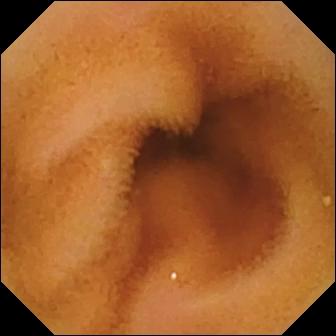Capsule endoscopy. Luminal finding. Finding: normal clean mucosa.